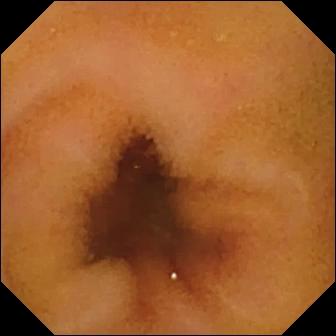WCE. Small bowel. Label: normal clean mucosa.